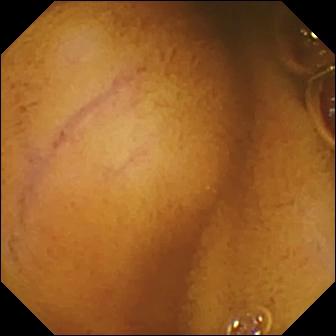WCE snapshot showing normal clean mucosa.